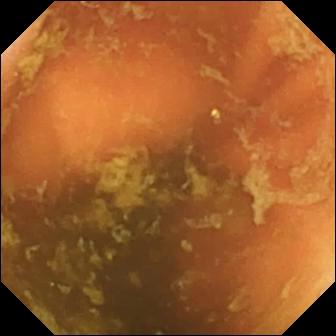Capsule endoscopy view. Taken in the ileo-cecal valve region (where the capsule passes from the small bowel into the large bowel).